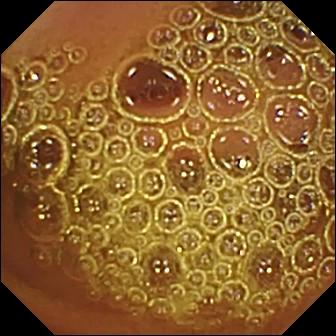modality: VCE
category: luminal finding
observation: normal clean mucosa